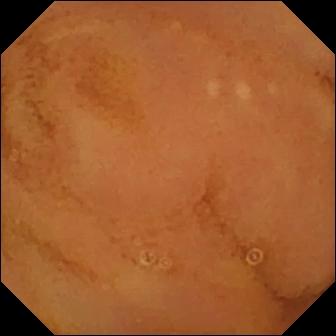Q: What does this VCE snapshot show?
A: Normal clean mucosa.